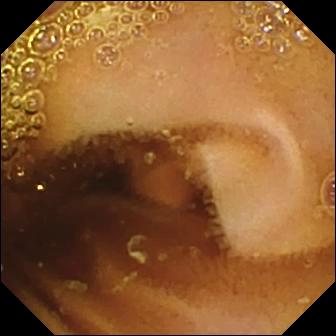Wireless capsule endoscopy — normal clean mucosa.